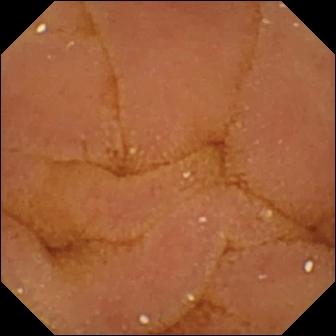Normal clean mucosa.